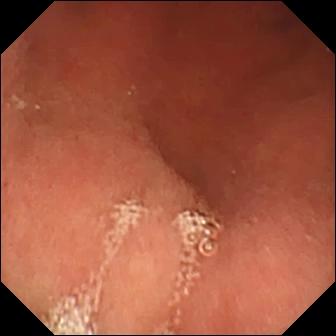- modality: VCE
- position: pylorus region (where the capsule passes from the stomach into the small bowel)